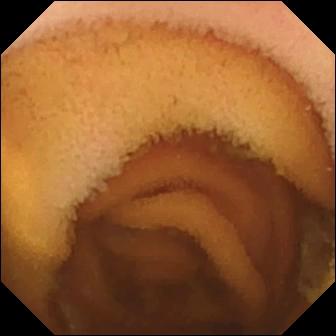- modality: small-bowel capsule endoscopy
- segment: small bowel
- category: luminal finding
- label: normal clean mucosa